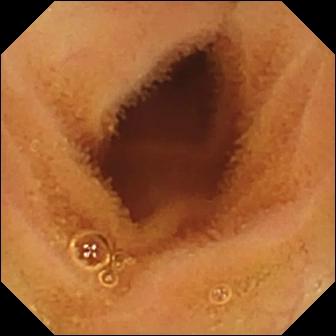Wireless capsule endoscopy — normal clean mucosa.